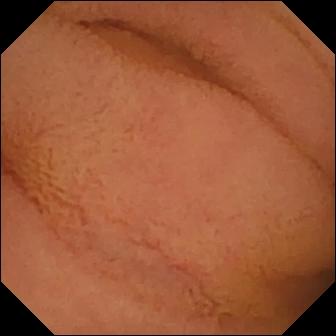Normal clean mucosa (336×336).